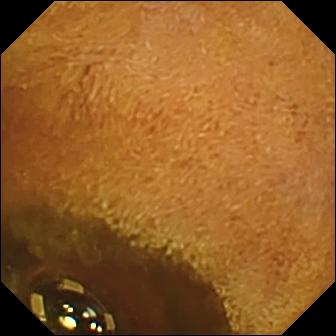- modality: VCE
- label: foreign body (e.g. retained capsule, tablet residue)